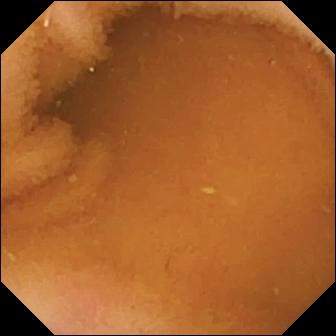Capsule endoscopy frame
Impression: normal clean mucosa